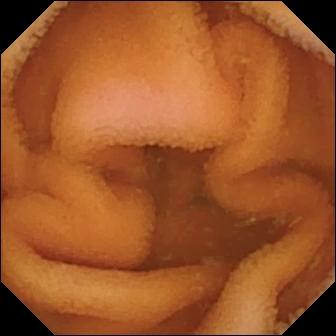VCE frame
Finding: normal clean mucosa